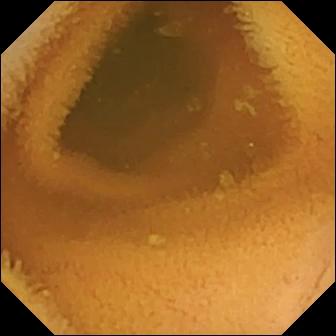Video capsule endoscopy image of the small intestine showing normal clean mucosa.